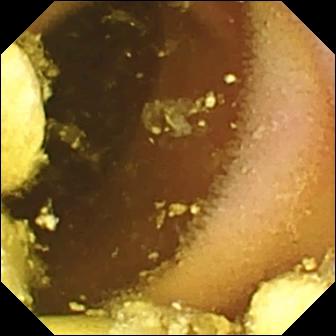Q: What does this WCE frame show?
A: Foreign body (e.g. retained capsule, tablet residue).